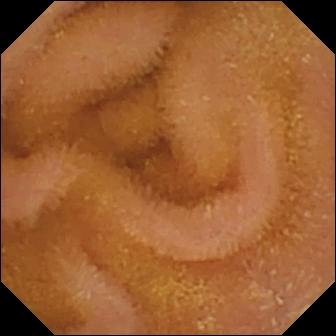VCE frame
Impression: normal clean mucosa